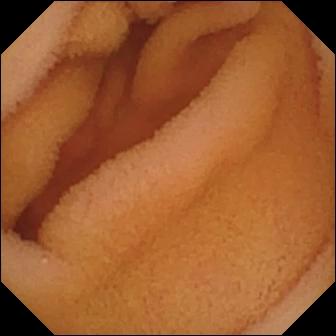Wireless capsule endoscopy frame showing normal clean mucosa.